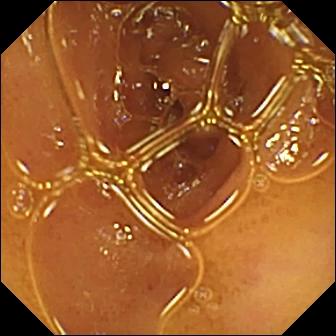modality: WCE | segment: small bowel | category: luminal finding | label: normal clean mucosa